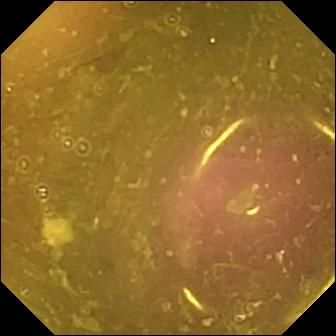Reduced mucosal view (content or bubbles obscuring the mucosa).